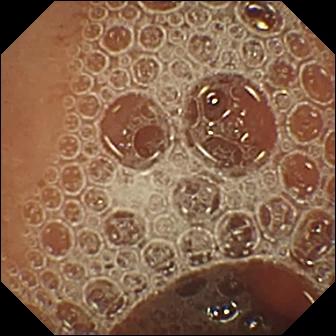{"modality": "WCE", "category": "luminal finding", "finding": "normal clean mucosa"}